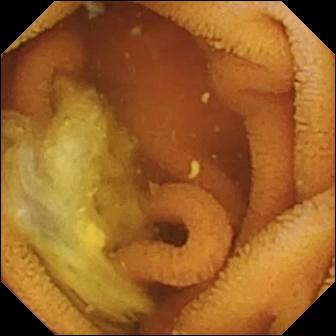PROCEDURE: Small-bowel capsule endoscopy.
SEGMENT: Small bowel.
FINDINGS: Normal clean mucosa.